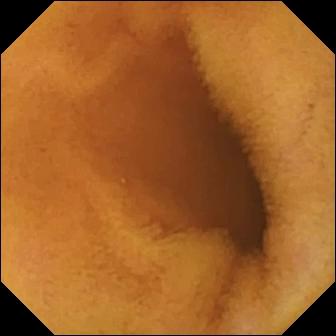This WCE view of the small bowel shows normal clean mucosa.